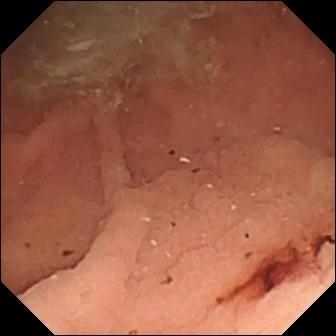WCE. Luminal finding. Label: fresh blood in the lumen.